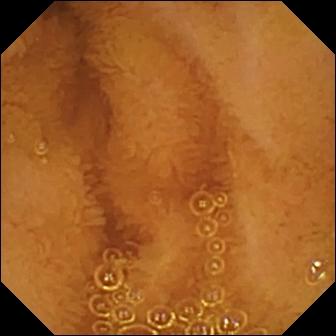{"modality": "VCE", "segment": "small bowel", "finding": "normal clean mucosa"}